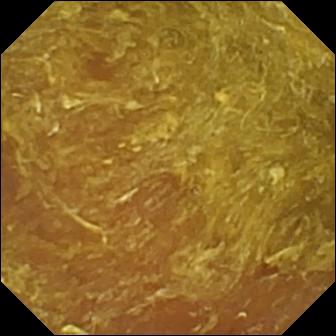{"modality": "small-bowel capsule endoscopy", "segment": "small bowel", "finding": "reduced mucosal view (content or bubbles obscuring the mucosa)"}